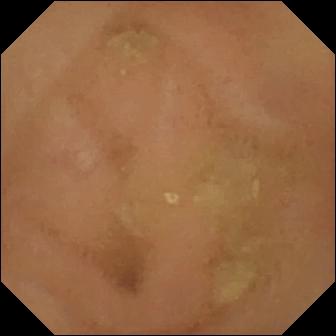Video capsule endoscopy frame (small intestine). Normal clean mucosa.